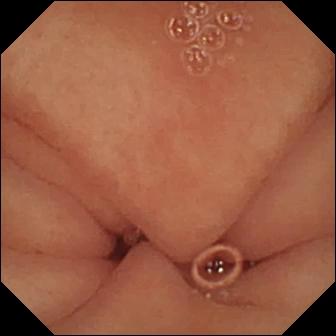Q: Where in the digestive tract was this VCE frame taken?
A: Pylorus region (the junction between the stomach and the small bowel).